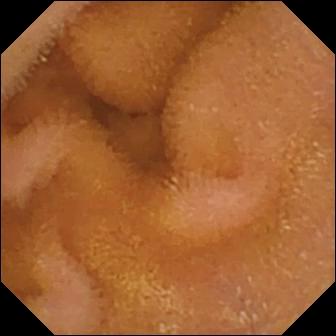Video capsule endoscopy. Small bowel. Finding: normal clean mucosa.